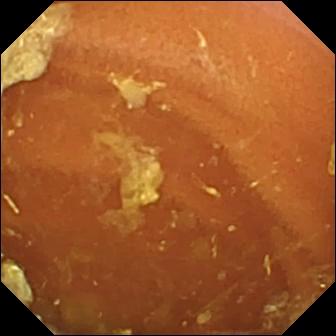VCE frame. Normal clean mucosa.